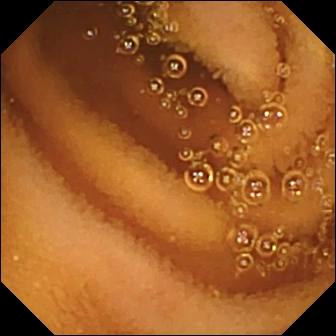Capsule endoscopy. Small intestine. Impression: normal clean mucosa.